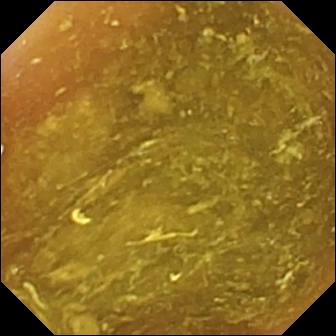- modality: capsule endoscopy
- position: ileo-cecal valve region